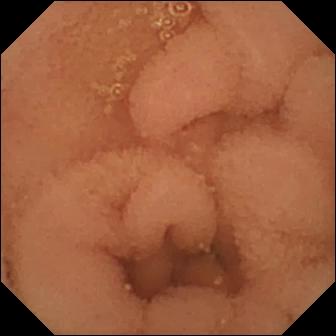PROCEDURE: Video capsule endoscopy.
SEGMENT: Small intestine.
FINDINGS: Normal clean mucosa.